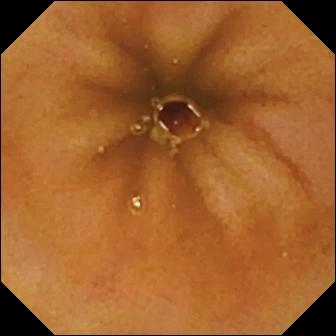Capsule endoscopy. Small bowel. Observation: normal clean mucosa.